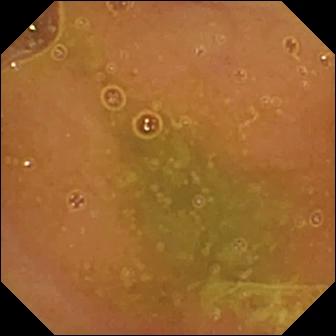- modality: capsule endoscopy
- segment: small intestine
- finding: normal clean mucosa